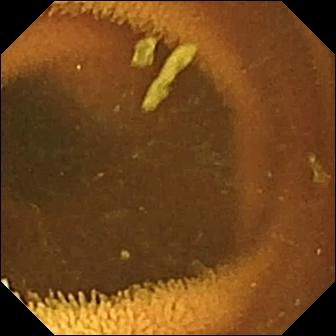Small-bowel capsule endoscopy — normal clean mucosa.